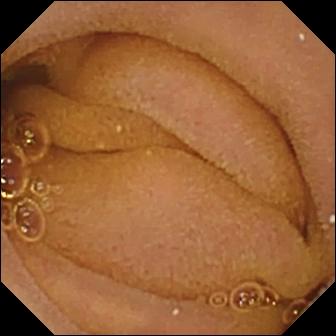Normal clean mucosa (336×336).